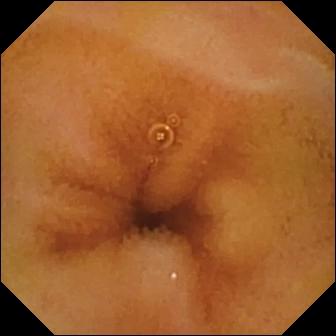WCE frame. Normal clean mucosa.